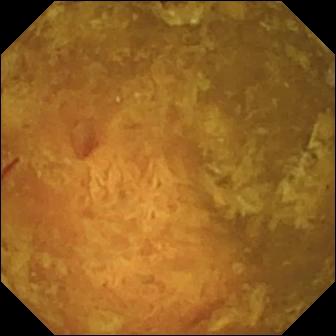{"modality": "video capsule endoscopy", "category": "luminal finding", "finding": "reduced mucosal view (content or bubbles obscuring the mucosa)"}